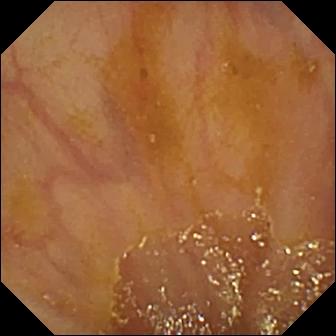- modality: wireless capsule endoscopy
- video segment: ileo-cecal valve region